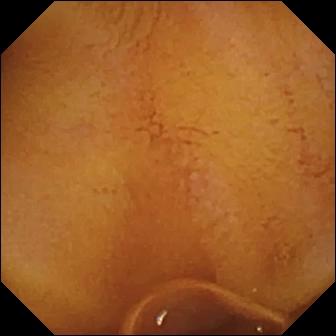PROCEDURE: Small-bowel capsule endoscopy.
FINDINGS: Normal clean mucosa.